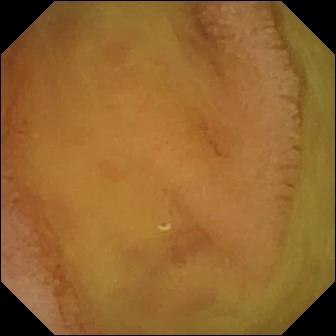modality: small-bowel capsule endoscopy; category: luminal finding; impression: normal clean mucosa